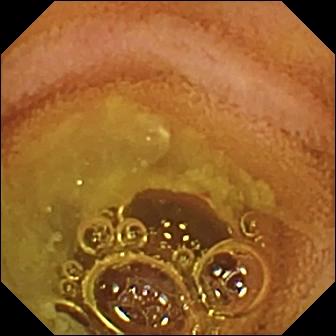modality: capsule endoscopy; segment: small bowel; label: normal clean mucosa